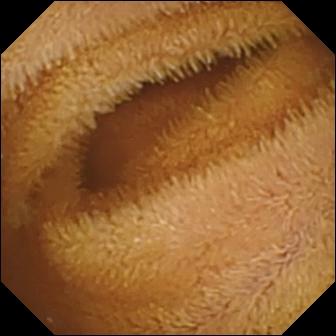Capsule endoscopy. Small bowel. Finding: normal clean mucosa.